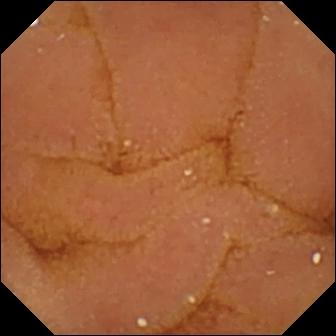Normal clean mucosa.